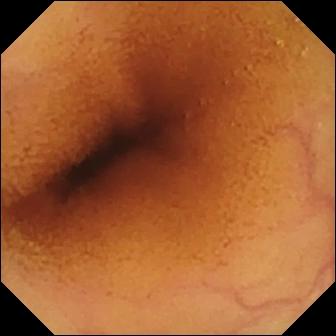Small-bowel capsule endoscopy snapshot (small intestine). Normal clean mucosa.